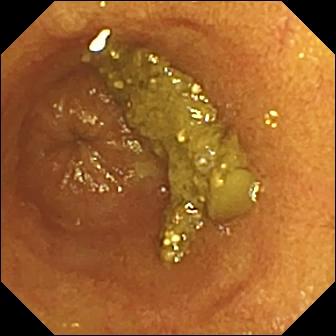Capsule endoscopy — ileo-cecal valve region (where the capsule passes from the small bowel into the large bowel).